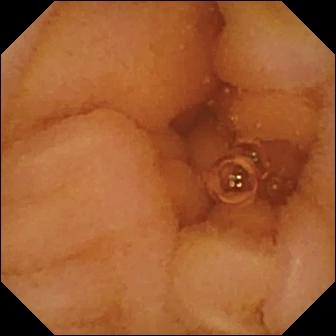Q: What does this wireless capsule endoscopy image show?
A: Normal clean mucosa.